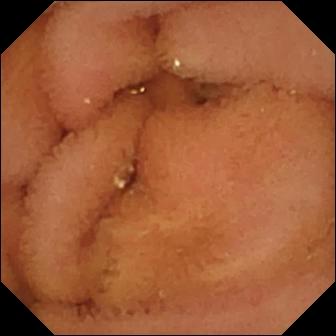VCE — normal clean mucosa.